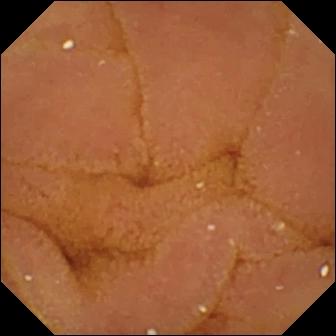Capsule endoscopy view, small intestine
Label: normal clean mucosa